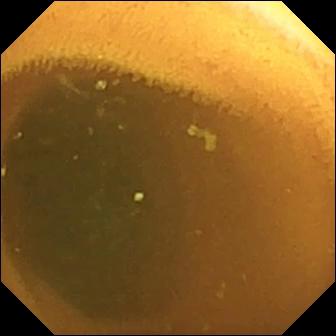Video capsule endoscopy view of the small bowel showing normal clean mucosa.